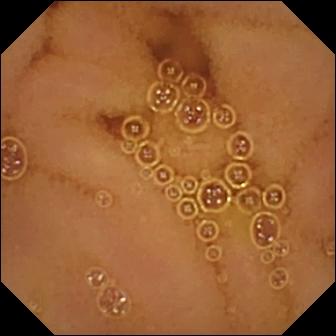Wireless capsule endoscopy image, small bowel
Label: normal clean mucosa